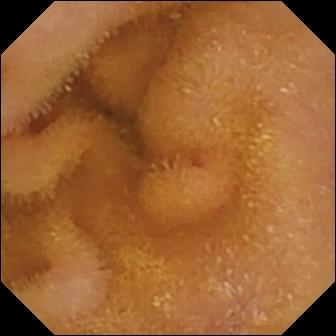- modality: WCE
- label: normal clean mucosa